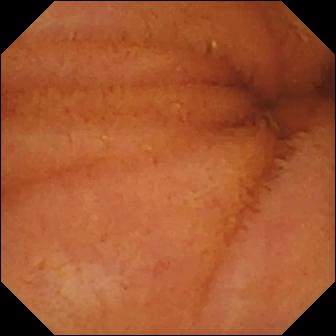- modality: VCE
- segment: small intestine
- category: luminal finding
- label: normal clean mucosa